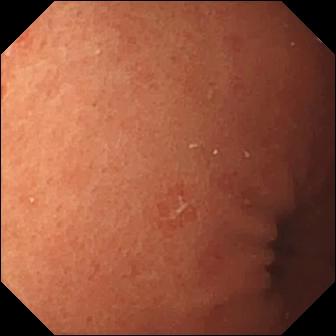Erosion — capsule endoscopy view.